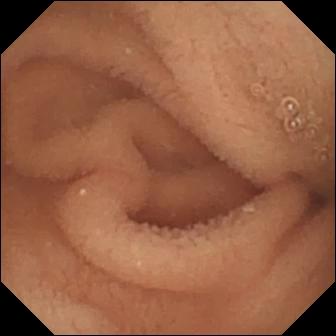Capsule endoscopy — normal clean mucosa.